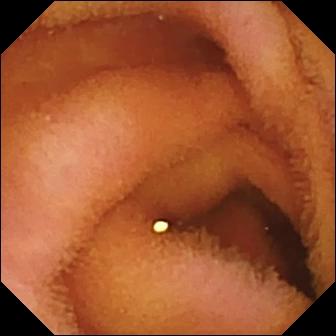Q: What does this video capsule endoscopy frame show?
A: Normal clean mucosa.